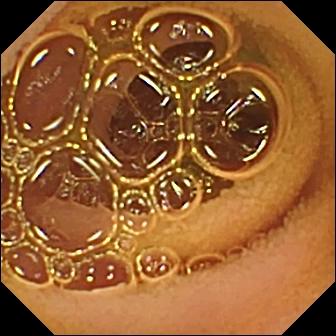WCE view of the small bowel showing normal clean mucosa.